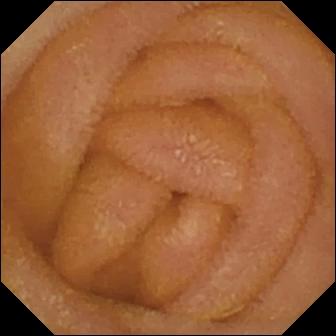modality: wireless capsule endoscopy; label: normal clean mucosa